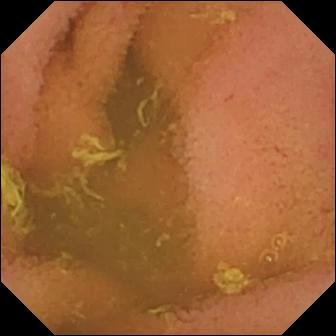Small-bowel capsule endoscopy frame
Impression: normal clean mucosa